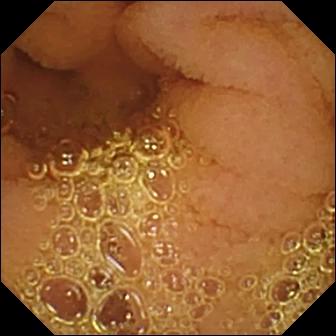This VCE snapshot of the small intestine shows normal clean mucosa.